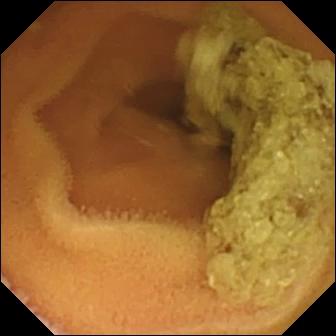Normal clean mucosa — WCE view of the small bowel.